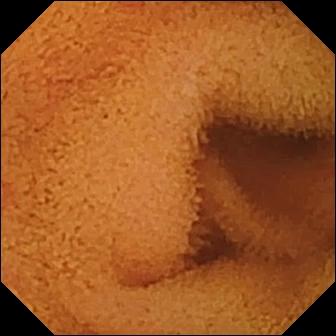VCE snapshot showing normal clean mucosa.